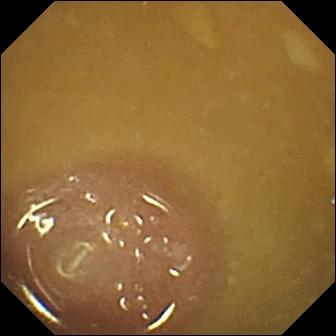WCE — ileo-cecal valve region (where the capsule passes from the small bowel into the large bowel).